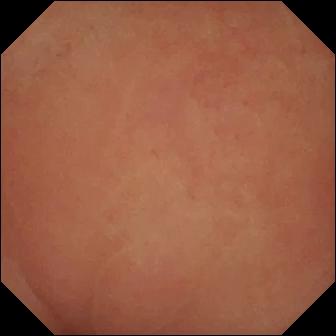This small-bowel capsule endoscopy view was taken in the pylorus region.